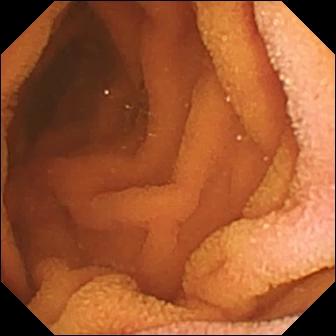Normal clean mucosa — video capsule endoscopy snapshot.